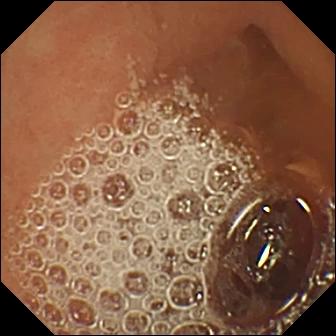Normal clean mucosa.